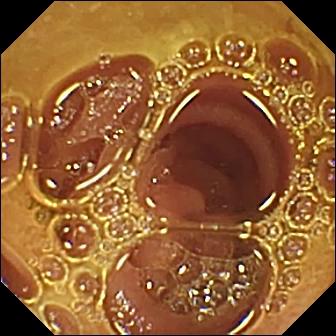Small-bowel capsule endoscopy. Small intestine. Impression: normal clean mucosa.